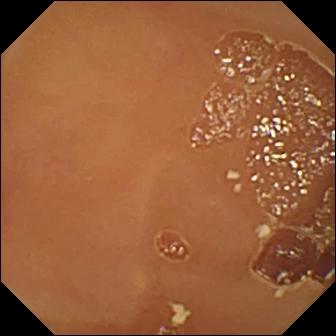Normal clean mucosa.